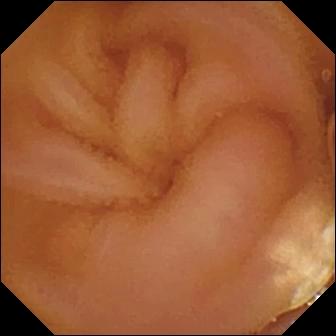modality: small-bowel capsule endoscopy
observation: lymphangiectasia